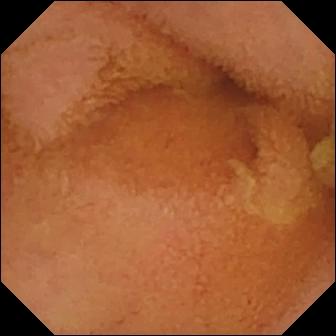Capsule endoscopy snapshot
Impression: normal clean mucosa